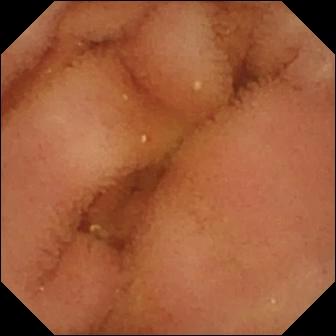Capsule endoscopy — normal clean mucosa.